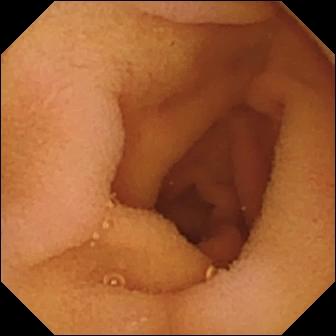Normal clean mucosa (336×336).